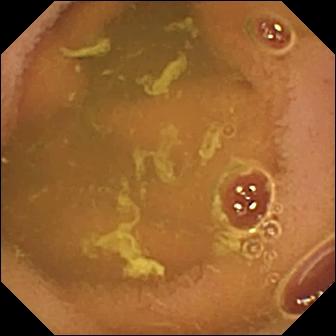PROCEDURE: VCE.
FINDINGS: Normal clean mucosa.